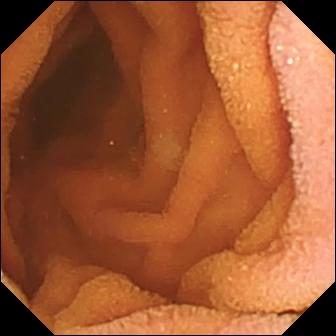This VCE frame shows normal clean mucosa.